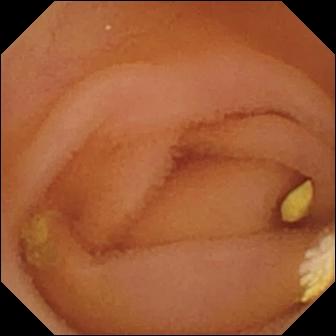VCE. Impression: lymphangiectasia.